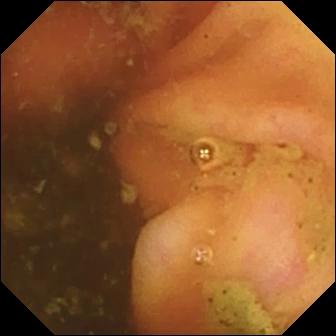modality: WCE; category: anatomical landmark; location: ileo-cecal valve region (where the capsule passes from the small bowel into the large bowel)